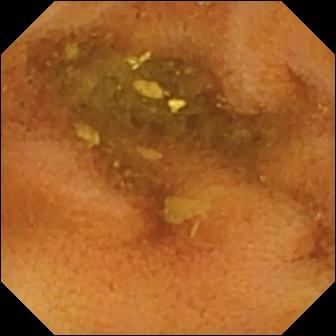Normal clean mucosa — small-bowel capsule endoscopy view of the small intestine.